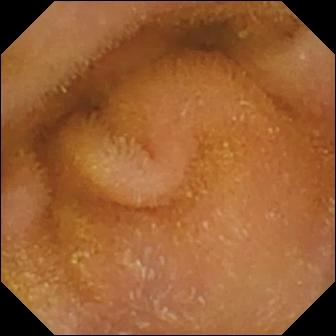- modality: wireless capsule endoscopy
- observation: normal clean mucosa